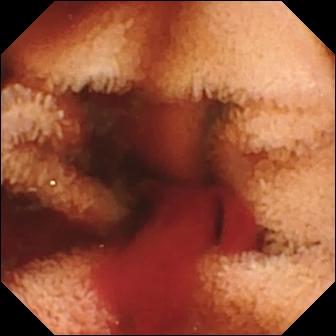Wireless capsule endoscopy frame. Fresh blood in the lumen.